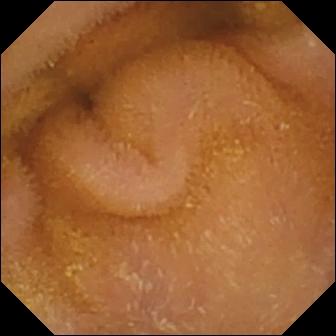{"modality": "WCE", "segment": "small bowel", "finding": "normal clean mucosa"}